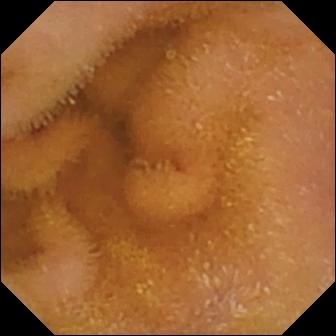Capsule endoscopy still. Normal clean mucosa.